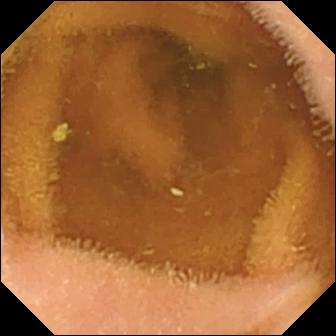VCE. Small bowel. Observation: normal clean mucosa.